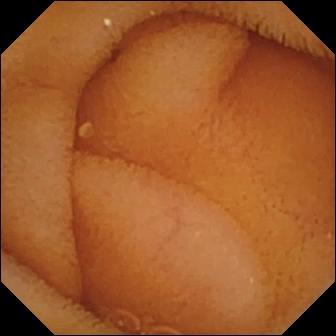- modality: wireless capsule endoscopy
- finding: normal clean mucosa